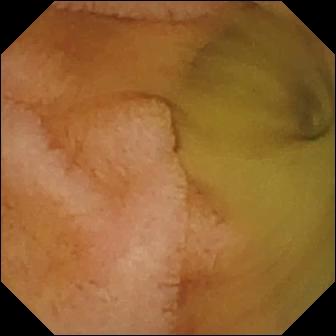WCE snapshot
Label: normal clean mucosa